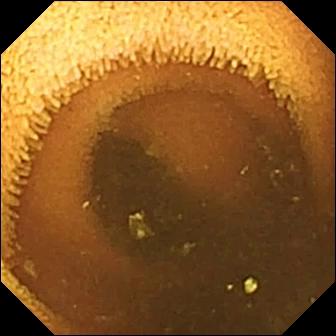VCE snapshot (small bowel). Normal clean mucosa.